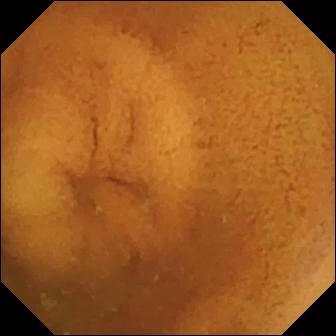Q: What does this capsule endoscopy frame show?
A: Normal clean mucosa.